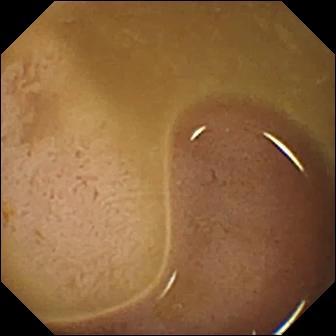Small-bowel capsule endoscopy still
Label: ileo-cecal valve region (the transition from the small bowel to the large bowel)